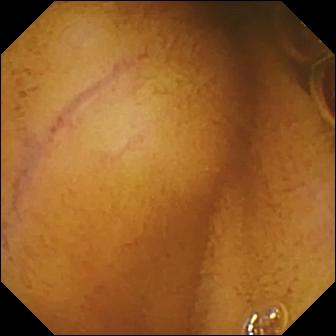Small-bowel capsule endoscopy. Small intestine. Impression: normal clean mucosa.